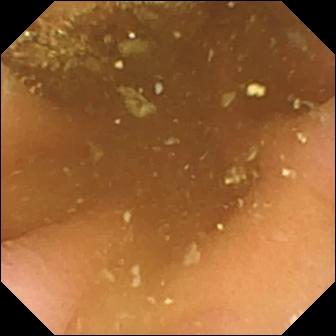Pylorus region — wireless capsule endoscopy still.